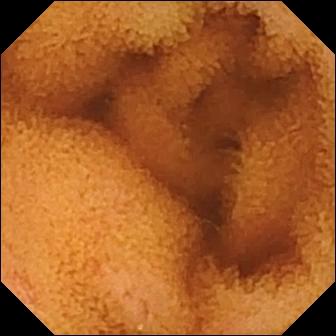Normal clean mucosa — small-bowel capsule endoscopy still.